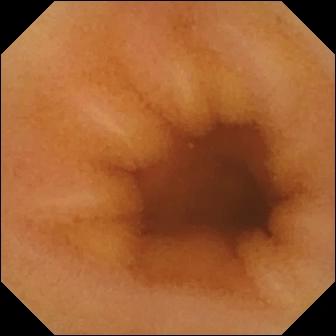VCE still
Finding: normal clean mucosa